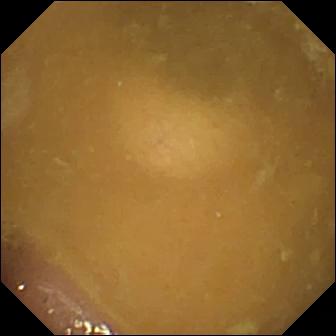PROCEDURE: Video capsule endoscopy.
LABEL: Ileo-cecal valve region.